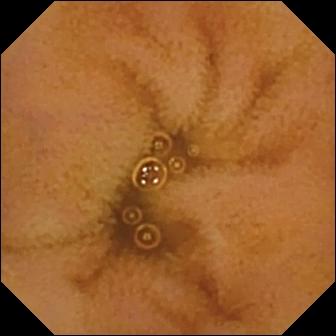{"modality": "VCE", "finding": "normal clean mucosa"}